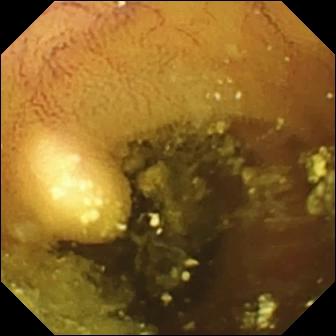Wireless capsule endoscopy frame. Lymphangiectasia.